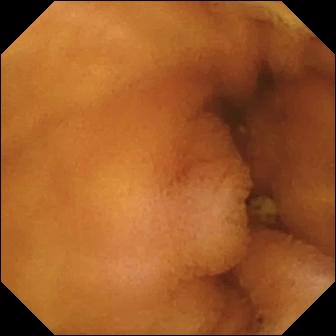Wireless capsule endoscopy image. Normal clean mucosa.